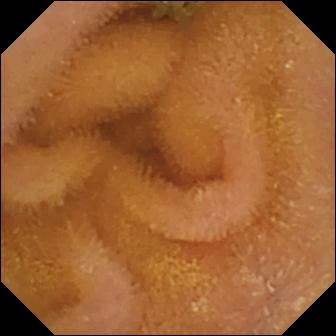modality: video capsule endoscopy | impression: normal clean mucosa